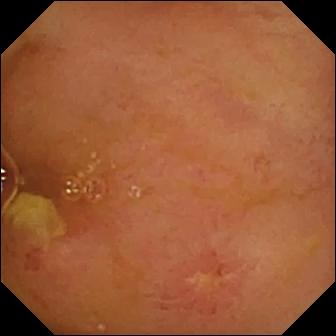This VCE still shows ulcer.